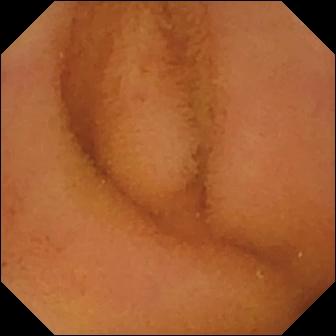{"modality": "small-bowel capsule endoscopy", "category": "luminal finding", "finding": "normal clean mucosa"}